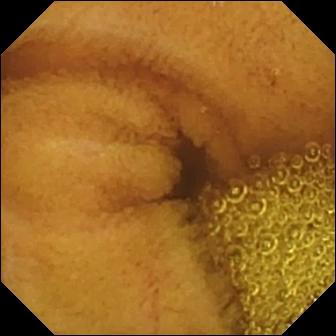Normal clean mucosa.